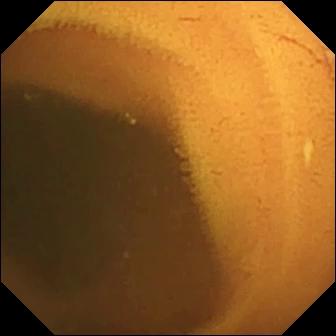Q: What does this VCE still of the small intestine show?
A: Normal clean mucosa.